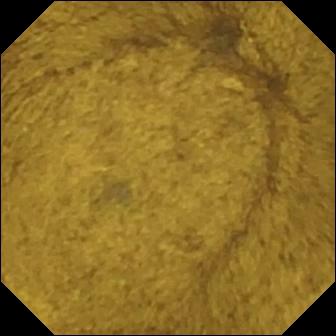PROCEDURE: Video capsule endoscopy.
POSITION: Ileo-cecal valve region (the transition from the small bowel to the large bowel).